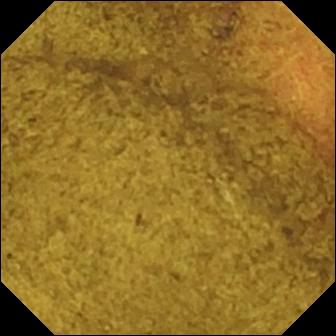WCE — ileo-cecal valve region.